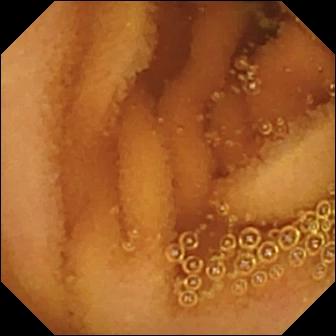Normal clean mucosa.